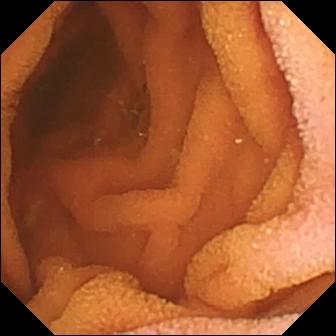Small-bowel capsule endoscopy image showing normal clean mucosa.